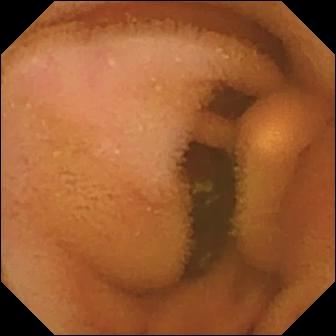This video capsule endoscopy image shows normal clean mucosa.